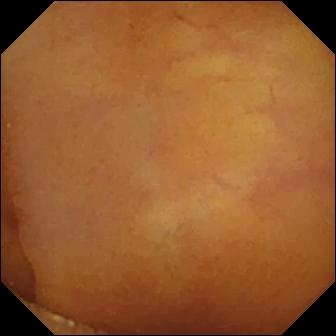Wireless capsule endoscopy view. Normal clean mucosa.